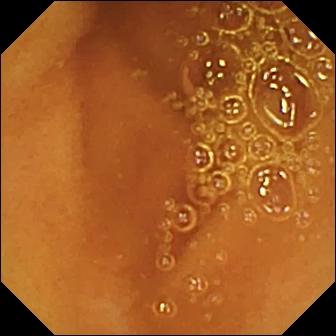This video capsule endoscopy snapshot shows normal clean mucosa.